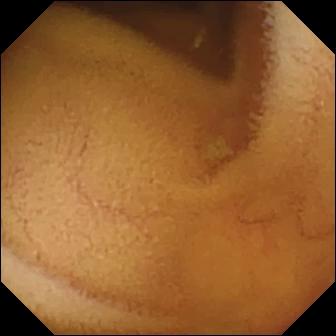VCE image (small bowel). Normal clean mucosa.